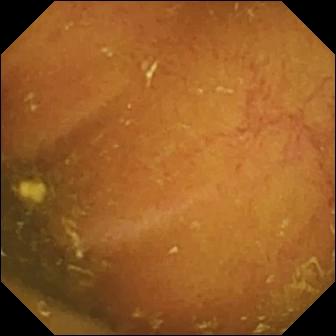Wireless capsule endoscopy — ileo-cecal valve region (the transition from the small bowel to the large bowel).